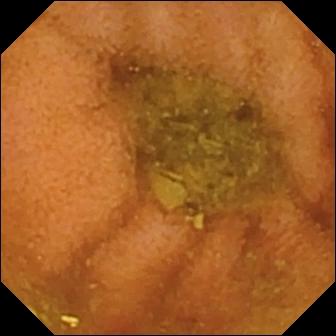PROCEDURE: Wireless capsule endoscopy.
FINDINGS: Normal clean mucosa.